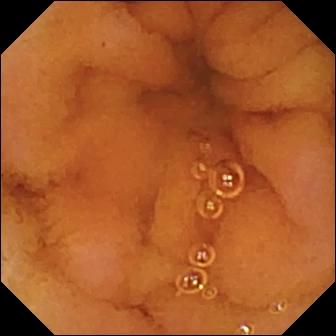Normal clean mucosa (336×336).